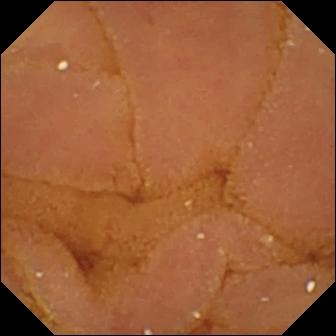Capsule endoscopy frame (small bowel). Normal clean mucosa.